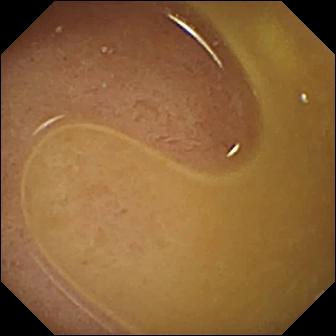Video capsule endoscopy snapshot
Video segment: ileo-cecal valve region